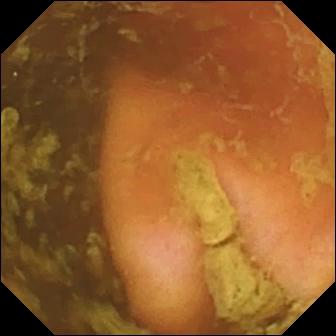Ileo-cecal valve region (where the capsule passes from the small bowel into the large bowel) — small-bowel capsule endoscopy still.